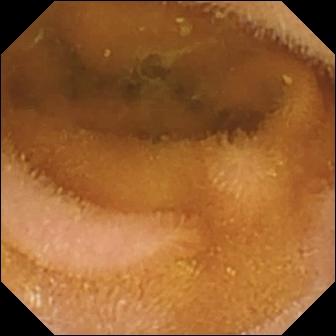Video capsule endoscopy image, small intestine
Finding: normal clean mucosa